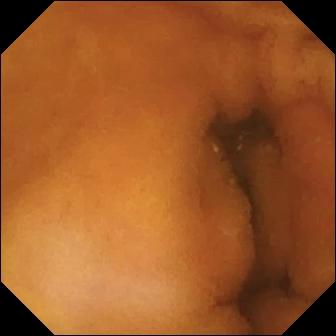Normal clean mucosa.